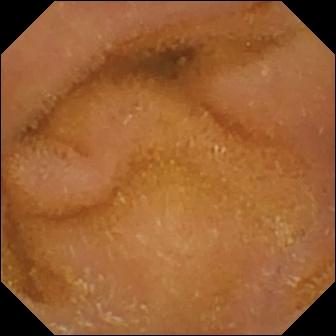Small-bowel capsule endoscopy view of the small bowel showing normal clean mucosa.